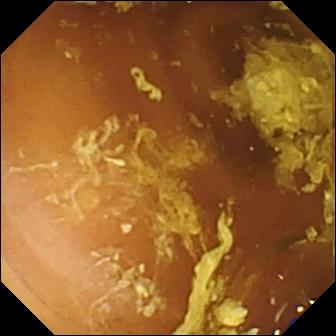{"modality": "capsule endoscopy", "segment": "small bowel", "finding": "normal clean mucosa"}